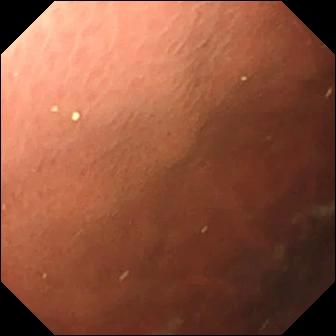- modality: capsule endoscopy
- position: pylorus region